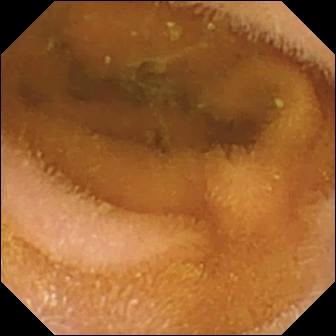Normal clean mucosa.